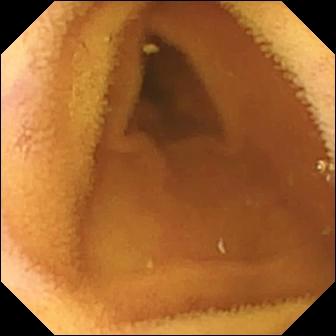Q: What does this VCE frame of the small bowel show?
A: Normal clean mucosa.